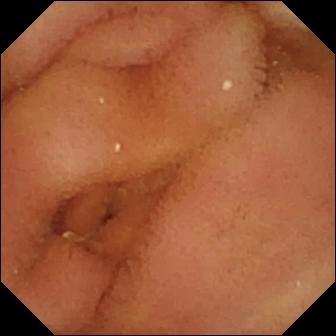Video capsule endoscopy image
Observation: normal clean mucosa